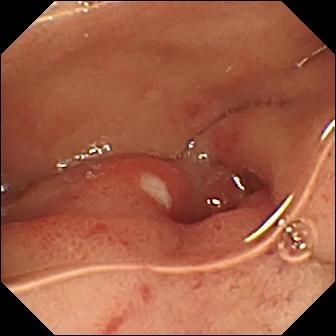Capsule endoscopy view
Observation: ulcer